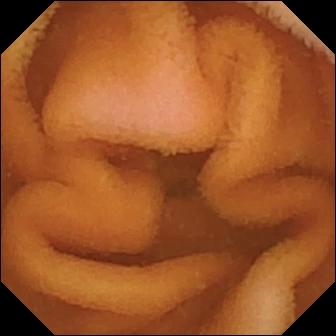Q: What does this VCE image show?
A: Normal clean mucosa.